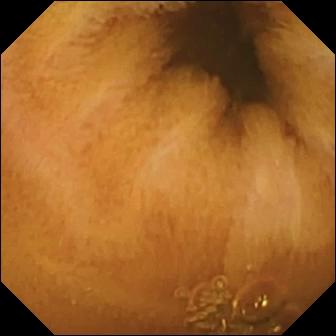This wireless capsule endoscopy still shows normal clean mucosa.